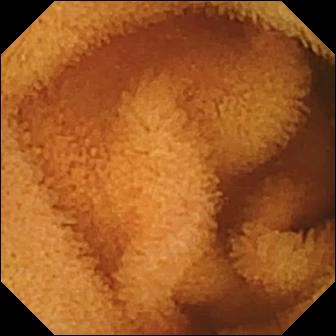VCE view. Normal clean mucosa.